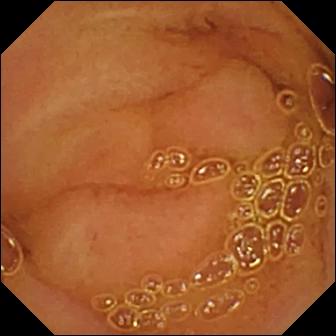Normal clean mucosa.